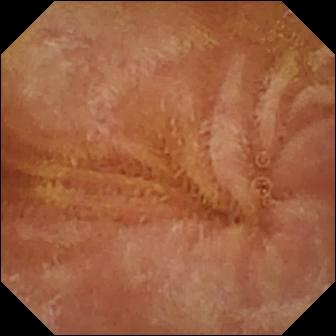- modality: VCE
- label: normal clean mucosa